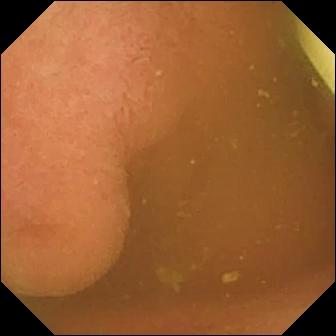- modality: VCE
- observation: foreign body (e.g. retained capsule, tablet residue)